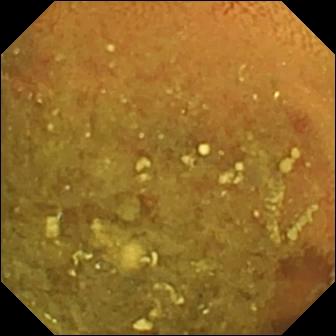WCE. Observation: reduced mucosal view (content or bubbles obscuring the mucosa).